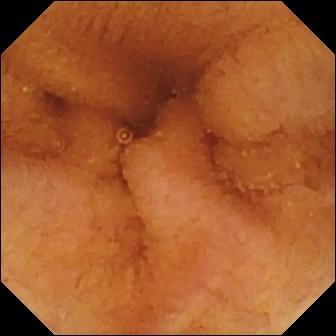{"modality": "WCE", "finding": "normal clean mucosa"}